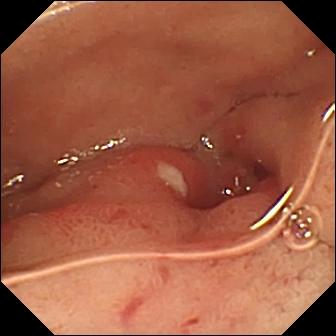{"modality": "small-bowel capsule endoscopy", "finding": "ulcer"}